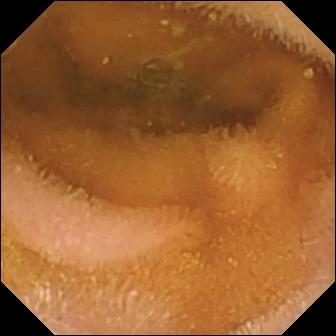Wireless capsule endoscopy view of the small bowel showing normal clean mucosa.